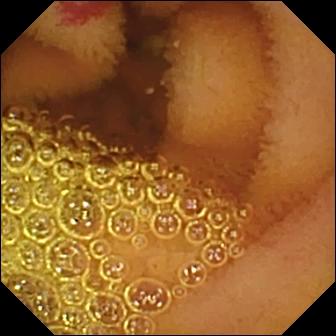Angiectasia — WCE snapshot.